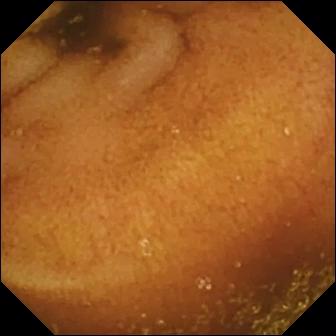WCE snapshot, 336×336. Normal clean mucosa.